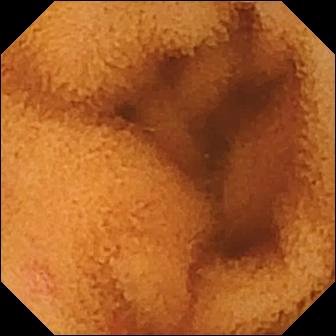Wireless capsule endoscopy snapshot, small intestine
Impression: normal clean mucosa